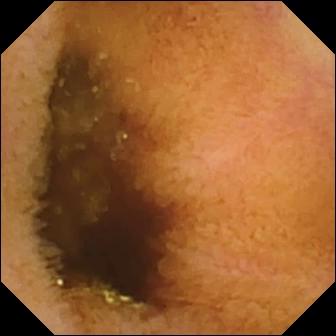Q: What does this small-bowel capsule endoscopy image show?
A: Normal clean mucosa.